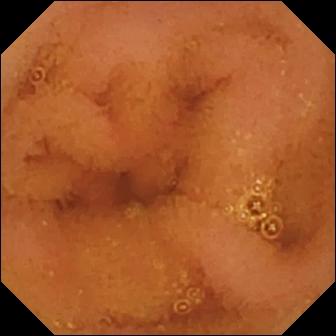Small-bowel capsule endoscopy frame of the small intestine showing normal clean mucosa.